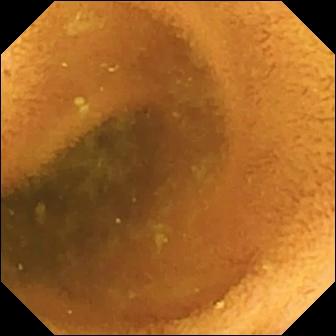VCE image showing normal clean mucosa.